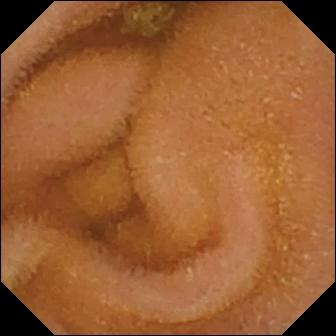modality: capsule endoscopy
segment: small bowel
finding: normal clean mucosa